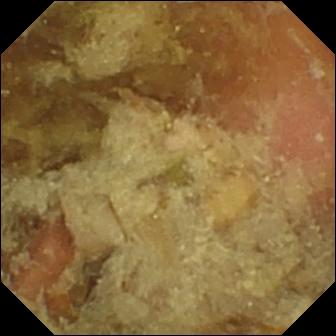- modality: WCE
- video segment: pylorus region